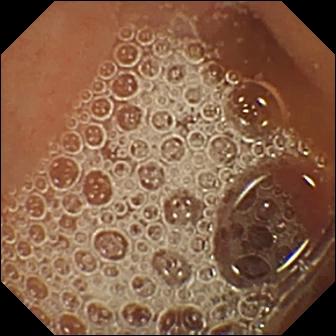Normal clean mucosa.